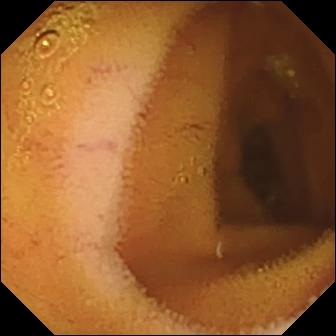- modality: WCE
- observation: normal clean mucosa